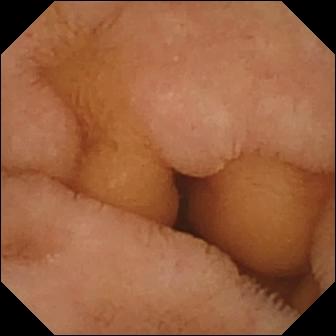Normal clean mucosa — WCE still.